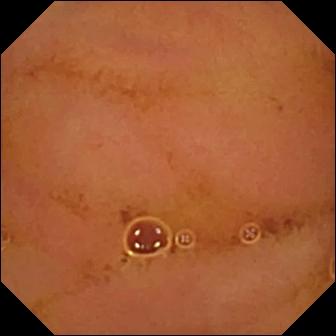{"modality": "video capsule endoscopy", "finding": "normal clean mucosa"}